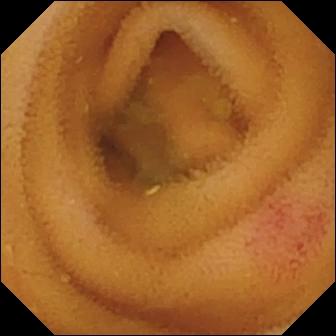Small-bowel capsule endoscopy still. Angiectasia.